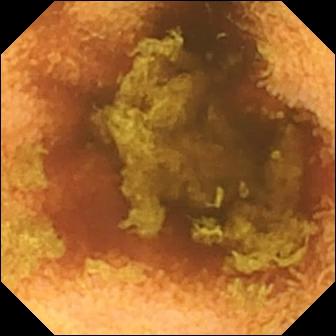{"modality": "wireless capsule endoscopy", "segment": "small intestine", "finding": "normal clean mucosa"}